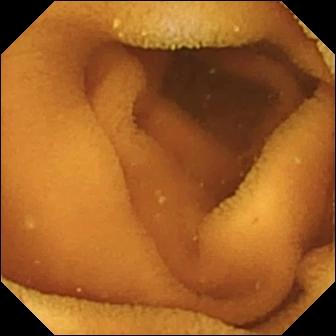{"modality": "wireless capsule endoscopy", "segment": "small intestine", "finding": "normal clean mucosa"}